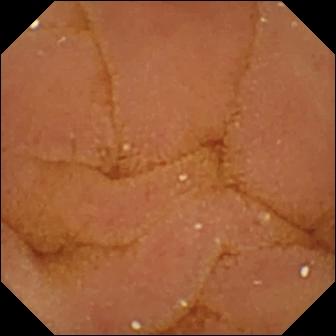VCE frame, small bowel
Impression: normal clean mucosa